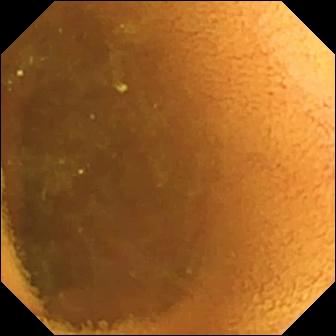- modality: wireless capsule endoscopy
- segment: small bowel
- label: normal clean mucosa